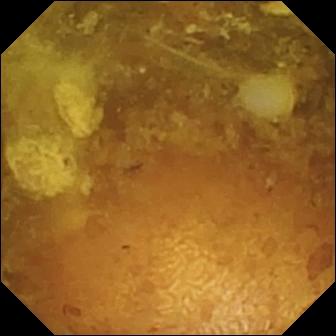modality: VCE
segment: small intestine
category: luminal finding
impression: reduced mucosal view (content or bubbles obscuring the mucosa)